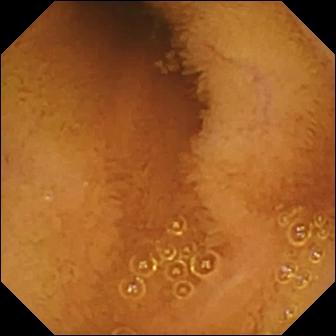- modality: wireless capsule endoscopy
- category: luminal finding
- finding: normal clean mucosa